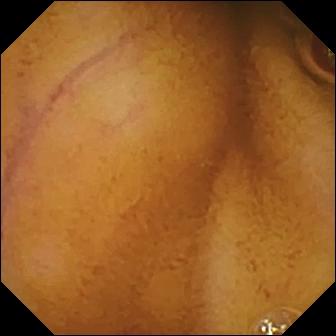VCE snapshot, 336×336. Normal clean mucosa.